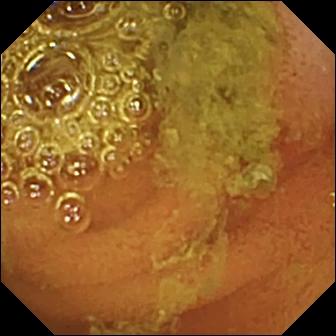{"modality": "WCE", "segment": "small intestine", "category": "luminal finding", "finding": "normal clean mucosa"}